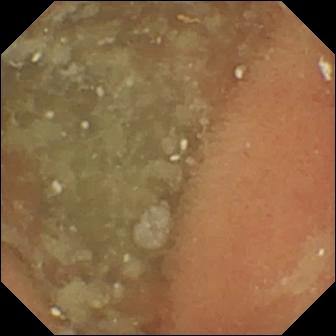- modality: WCE
- segment: small bowel
- impression: normal clean mucosa